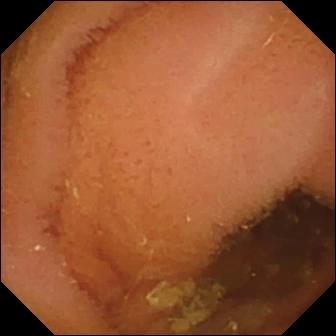VCE — normal clean mucosa.